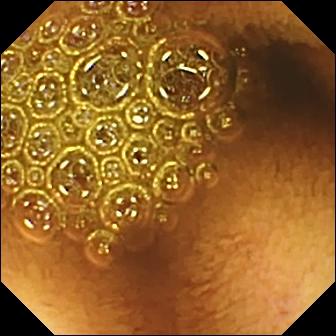{"modality": "VCE", "segment": "small intestine", "finding": "reduced mucosal view (content or bubbles obscuring the mucosa)"}